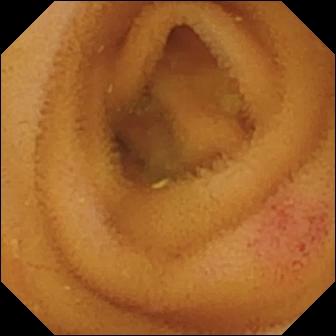{"modality": "wireless capsule endoscopy", "finding": "angiectasia"}